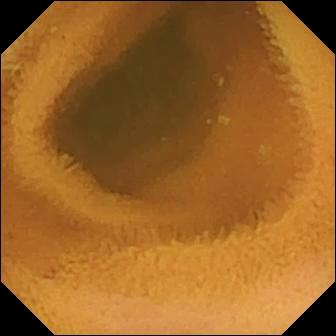Normal clean mucosa — capsule endoscopy still.